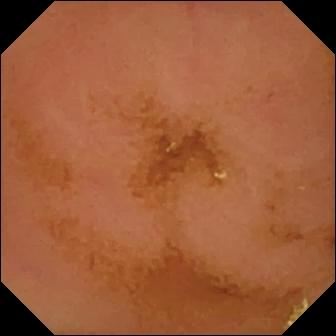Small-bowel capsule endoscopy frame showing normal clean mucosa.